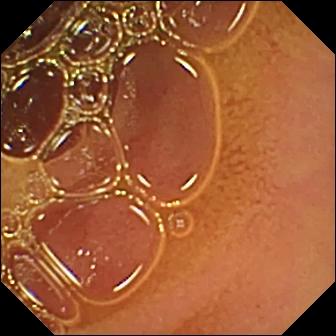Normal clean mucosa.